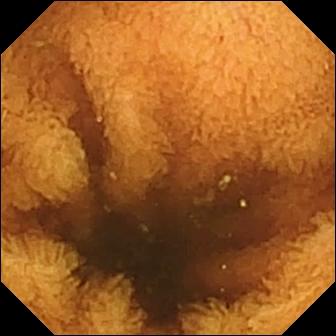Video capsule endoscopy view showing normal clean mucosa.